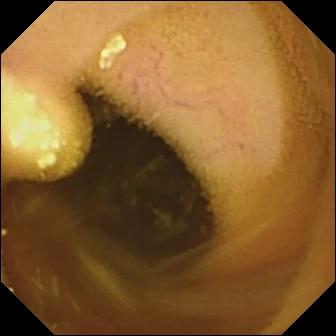Video capsule endoscopy still showing lymphangiectasia.